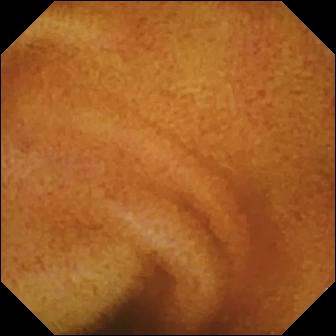Wireless capsule endoscopy frame, small intestine
Observation: normal clean mucosa